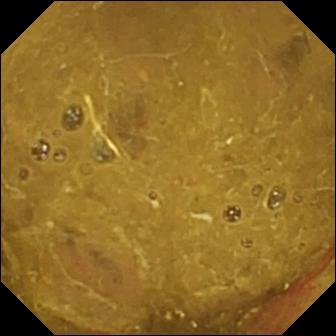WCE. Location: ileo-cecal valve region.